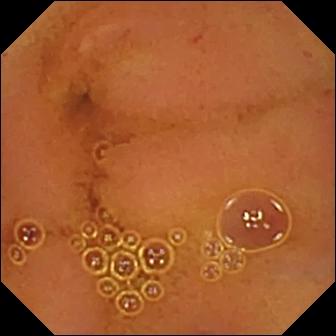WCE — normal clean mucosa.